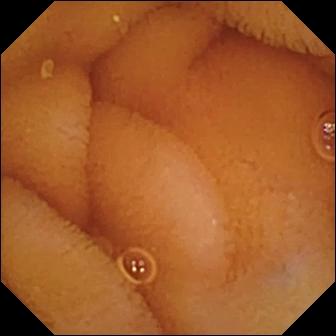Normal clean mucosa — video capsule endoscopy frame of the small bowel.